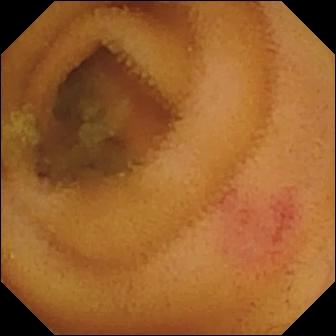Q: What does this capsule endoscopy snapshot show?
A: Angiectasia.